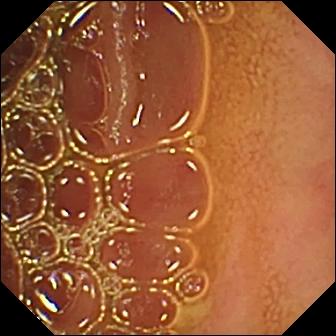- modality: wireless capsule endoscopy
- finding: normal clean mucosa